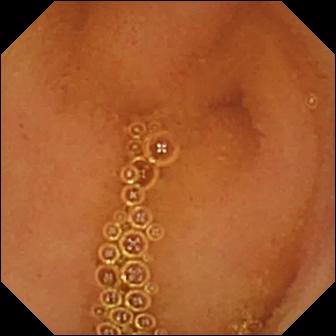modality: VCE | category: luminal finding | impression: normal clean mucosa